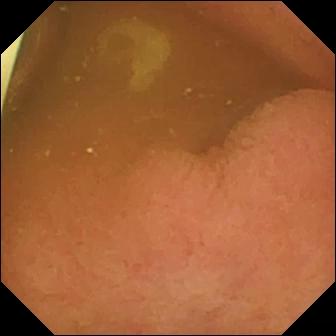{"modality": "VCE", "finding": "foreign body (e.g. retained capsule, tablet residue)"}